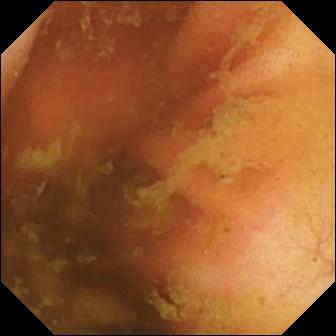WCE image. Taken in the ileo-cecal valve region.